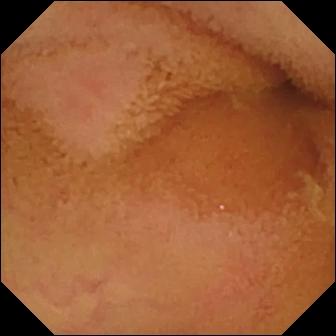This small-bowel capsule endoscopy frame shows normal clean mucosa.